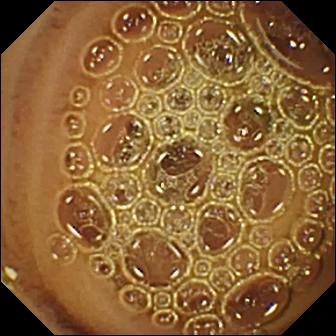WCE still showing normal clean mucosa.